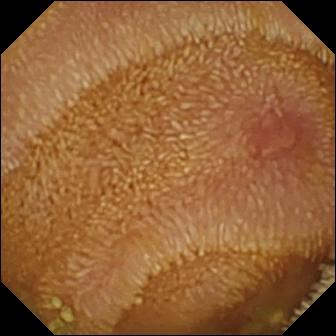Erosion — VCE still.